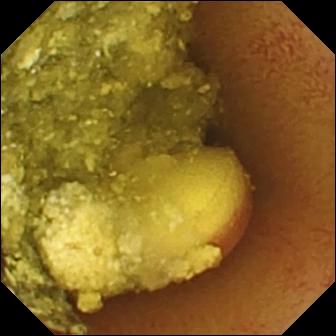{"modality": "capsule endoscopy", "finding": "foreign body (e.g. retained capsule, tablet residue)"}